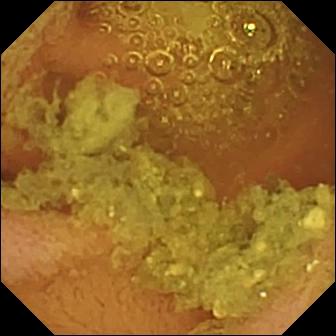Small-bowel capsule endoscopy frame showing normal clean mucosa.